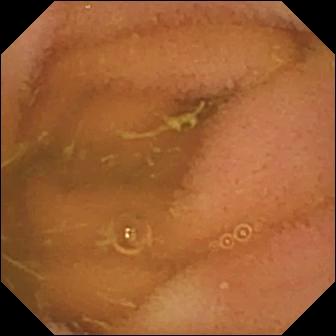Small-bowel capsule endoscopy view. Normal clean mucosa.